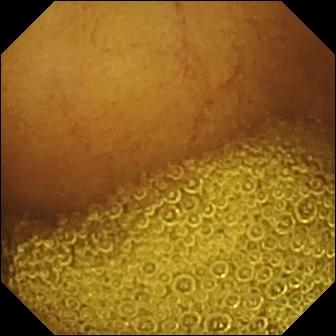VCE. Label: normal clean mucosa.